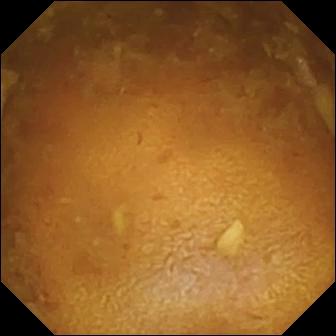Q: What does this WCE snapshot of the small intestine show?
A: Reduced mucosal view (content or bubbles obscuring the mucosa).